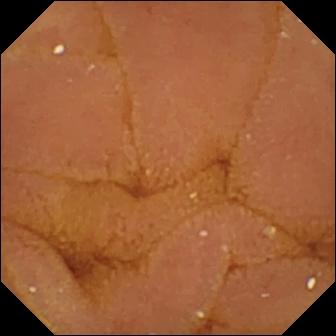Normal clean mucosa — capsule endoscopy frame of the small intestine.